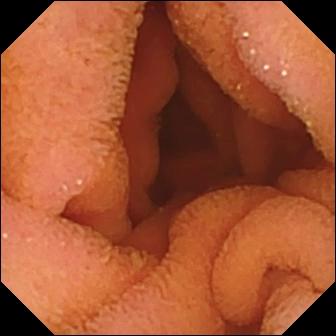{"modality": "VCE", "finding": "normal clean mucosa"}